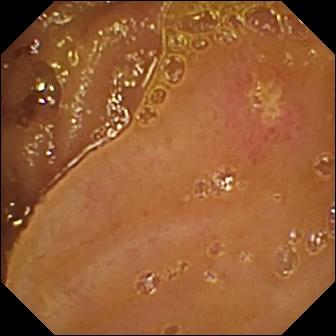{"modality": "capsule endoscopy", "finding": "ulcer"}